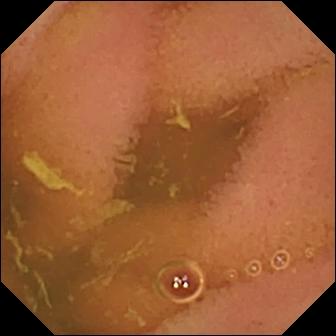Normal clean mucosa — wireless capsule endoscopy still.